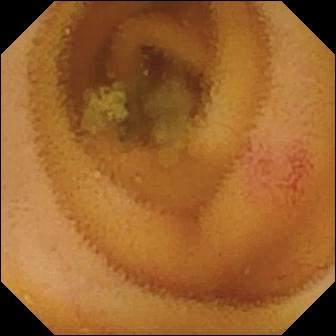Capsule endoscopy view showing angiectasia.